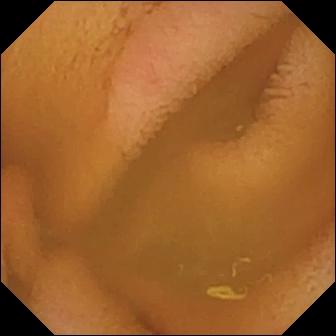Normal clean mucosa.